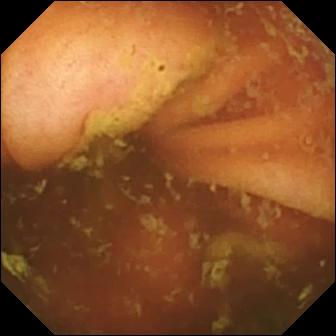{"modality": "small-bowel capsule endoscopy", "label": "ileo-cecal valve region"}